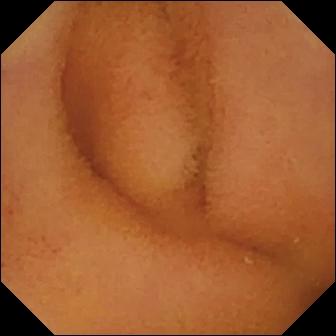{"modality": "wireless capsule endoscopy", "finding": "normal clean mucosa"}